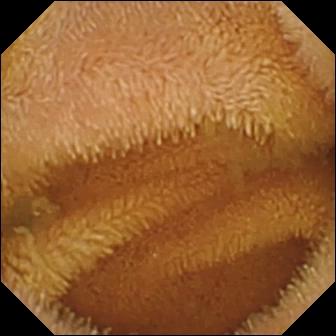- modality: wireless capsule endoscopy
- category: luminal finding
- impression: normal clean mucosa